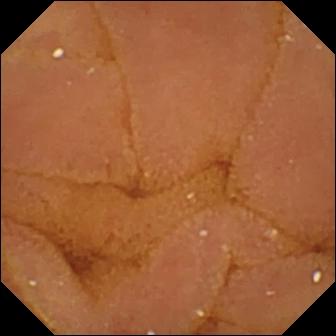{"modality": "video capsule endoscopy", "segment": "small bowel", "finding": "normal clean mucosa"}